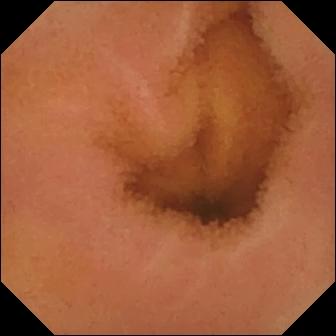{"modality": "video capsule endoscopy", "segment": "small bowel", "category": "luminal finding", "finding": "normal clean mucosa"}